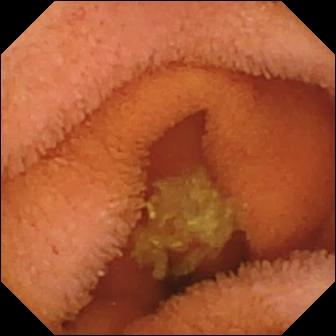Video capsule endoscopy snapshot, small bowel
Label: normal clean mucosa